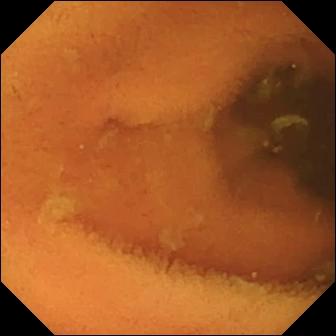VCE still, small intestine
Observation: normal clean mucosa